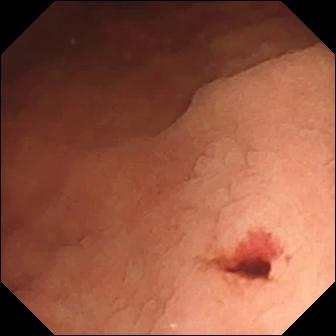VCE still. Angiectasia.